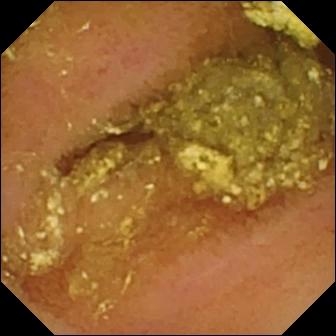PROCEDURE: Capsule endoscopy.
SEGMENT: Small bowel.
FINDINGS: Normal clean mucosa.